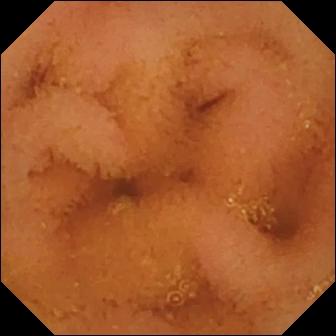VCE frame, small intestine
Finding: normal clean mucosa